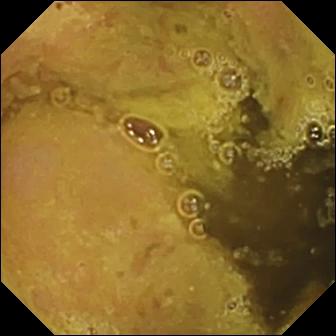VCE. Position: ileo-cecal valve region (where the capsule passes from the small bowel into the large bowel).